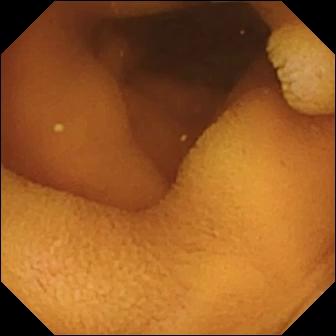PROCEDURE: Wireless capsule endoscopy.
SEGMENT: Small bowel.
FINDINGS: Normal clean mucosa.